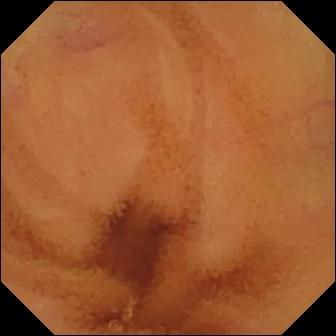WCE view (small bowel). Normal clean mucosa.